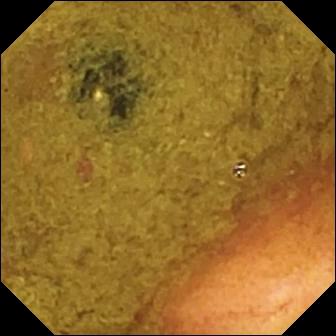This small-bowel capsule endoscopy still was taken in the ileo-cecal valve region.